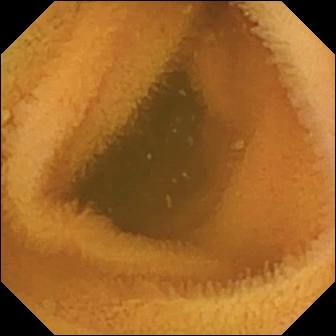Video capsule endoscopy — normal clean mucosa.